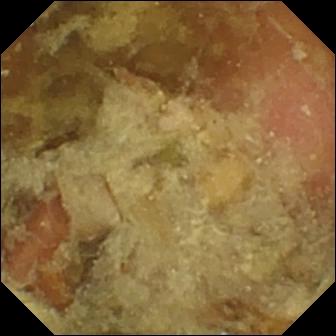modality: wireless capsule endoscopy; category: anatomical landmark; position: pylorus region (where the capsule passes from the stomach into the small bowel)